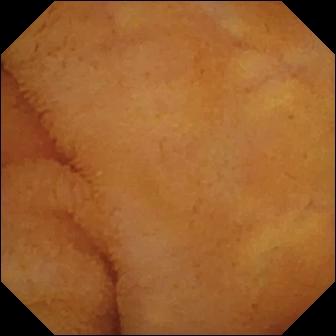{"modality": "capsule endoscopy", "segment": "small intestine", "category": "luminal finding", "finding": "normal clean mucosa"}